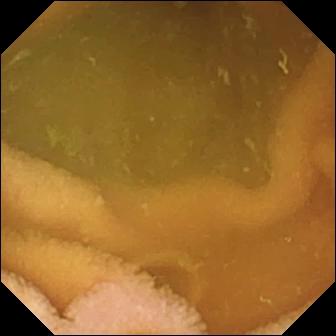Normal clean mucosa — video capsule endoscopy view.